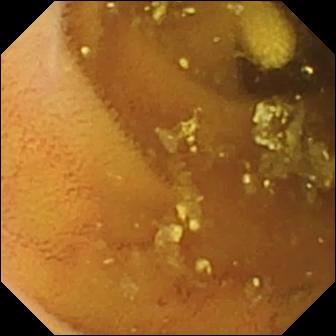Lymphangiectasia (336×336).